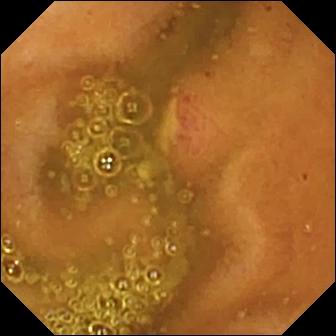Ulcer — small-bowel capsule endoscopy still.